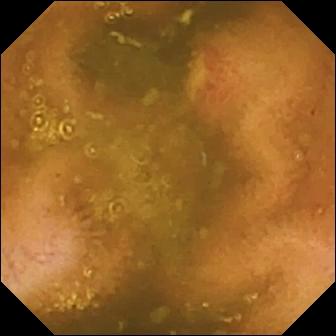Ulcer.